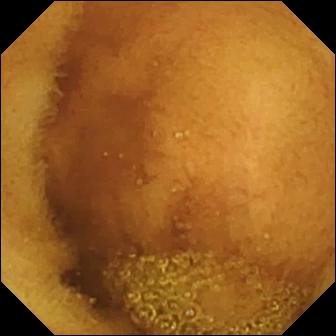Capsule endoscopy view
Impression: normal clean mucosa